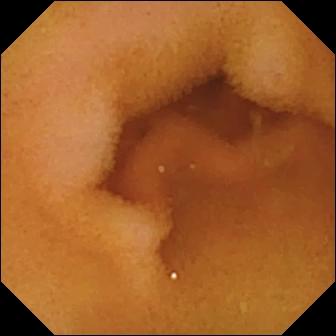PROCEDURE: Wireless capsule endoscopy.
SEGMENT: Small bowel.
FINDINGS: Normal clean mucosa.